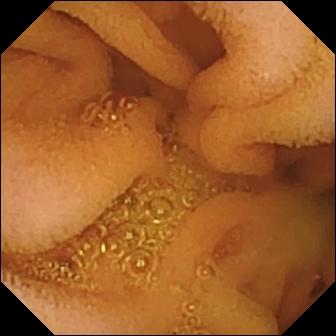Video capsule endoscopy snapshot showing normal clean mucosa.